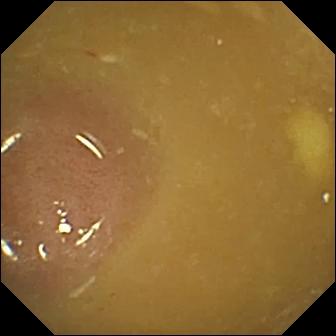VCE view taken in the ileo-cecal valve region (the transition from the small bowel to the large bowel).